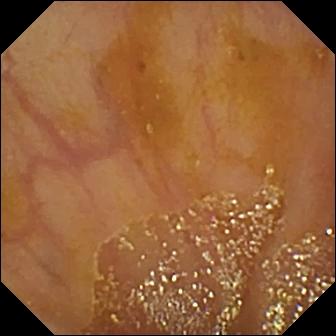{"modality": "wireless capsule endoscopy", "location": "ileo-cecal valve region (the transition from the small bowel to the large bowel)"}